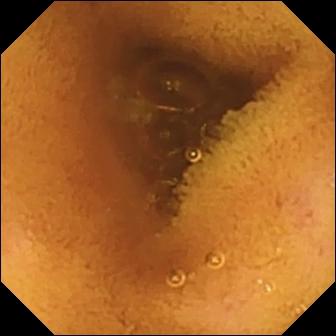Normal clean mucosa — video capsule endoscopy still of the small bowel.